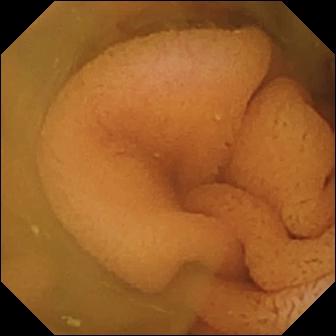This WCE image of the small bowel shows normal clean mucosa.